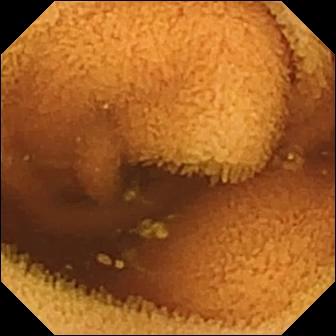- modality: capsule endoscopy
- category: luminal finding
- impression: normal clean mucosa